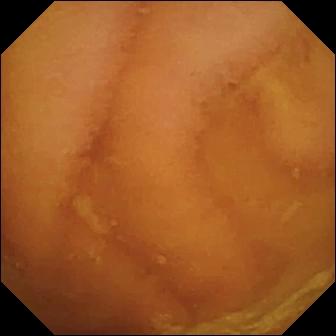{"modality": "video capsule endoscopy", "finding": "normal clean mucosa"}